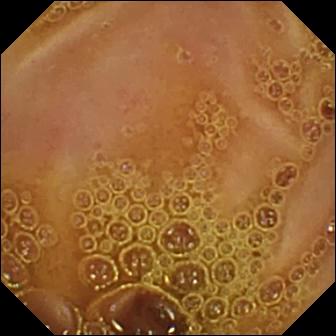This video capsule endoscopy view of the small bowel shows normal clean mucosa.